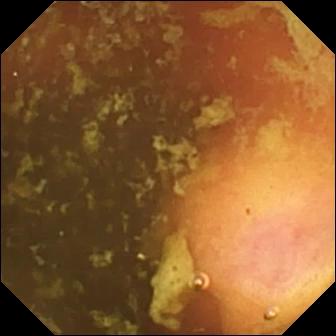Capsule endoscopy. Location: ileo-cecal valve region (the transition from the small bowel to the large bowel).